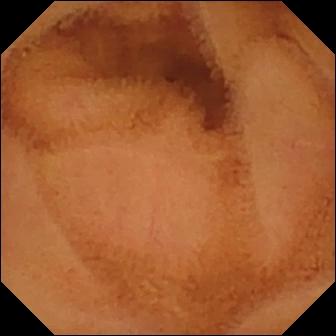{"modality": "VCE", "finding": "normal clean mucosa"}